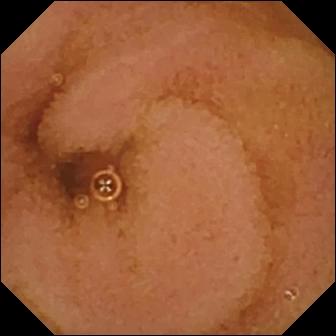Capsule endoscopy still. Normal clean mucosa.